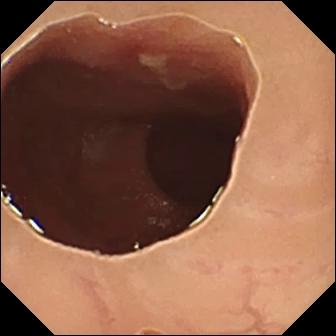PROCEDURE: Small-bowel capsule endoscopy.
FINDINGS: Ulcer.